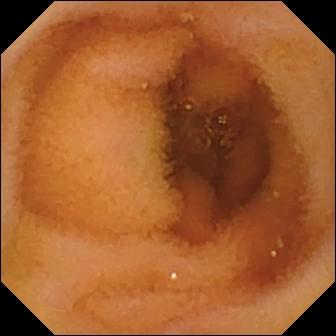Normal clean mucosa.